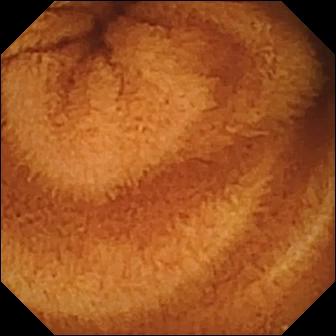{"modality": "capsule endoscopy", "finding": "normal clean mucosa"}